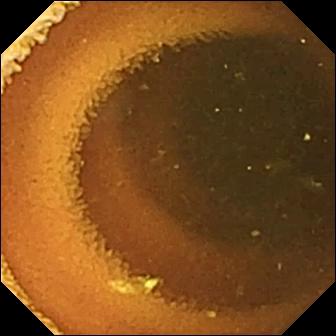modality: VCE | observation: normal clean mucosa